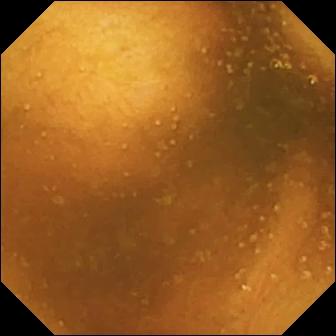Capsule endoscopy — normal clean mucosa.